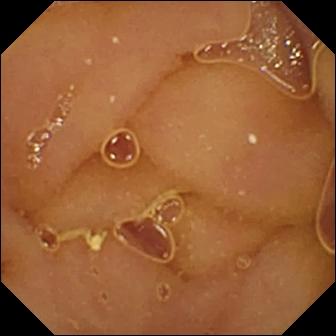Small-bowel capsule endoscopy snapshot of the small bowel showing normal clean mucosa.